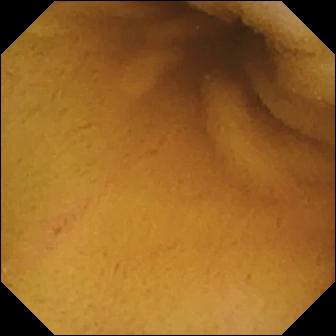Small-bowel capsule endoscopy — normal clean mucosa.